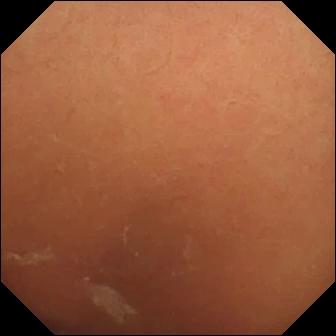Wireless capsule endoscopy — normal clean mucosa.